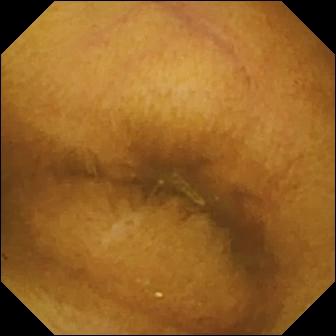Capsule endoscopy — normal clean mucosa.